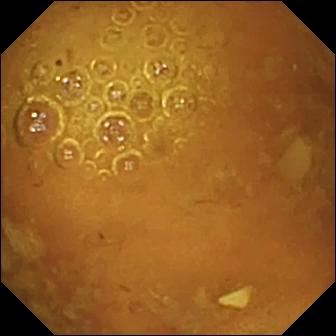- modality: wireless capsule endoscopy
- segment: small bowel
- observation: reduced mucosal view (content or bubbles obscuring the mucosa)